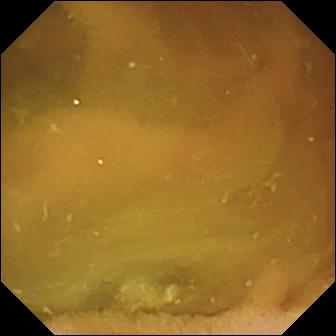Normal clean mucosa — video capsule endoscopy view of the small intestine.